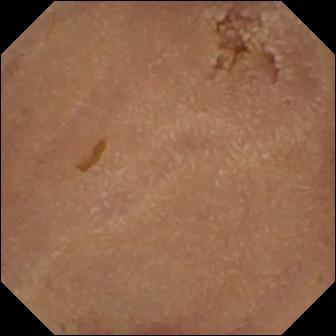- modality: video capsule endoscopy
- segment: small bowel
- label: normal clean mucosa